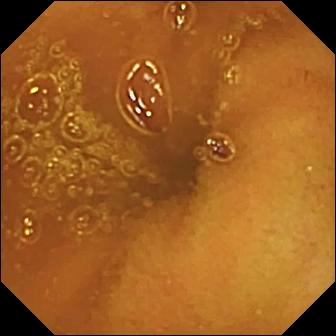Capsule endoscopy image. Normal clean mucosa.